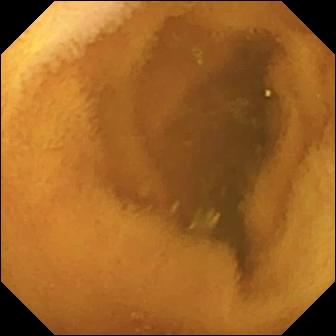- modality: small-bowel capsule endoscopy
- label: normal clean mucosa